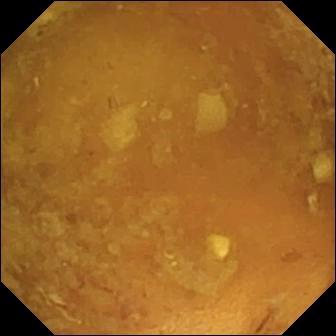Q: What does this VCE still show?
A: Reduced mucosal view (content or bubbles obscuring the mucosa).